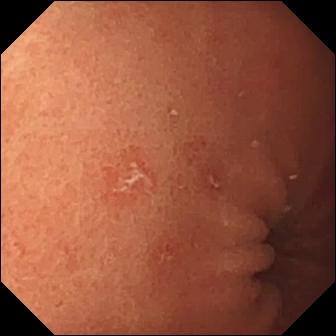Capsule endoscopy snapshot. Erosion.